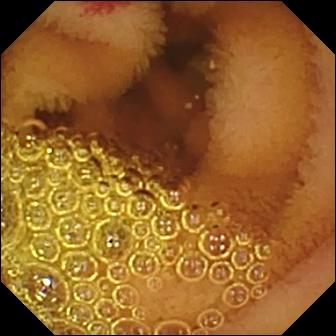Wireless capsule endoscopy — angiectasia.